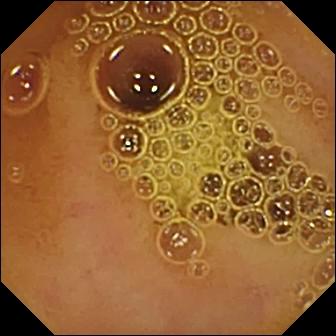Normal clean mucosa.